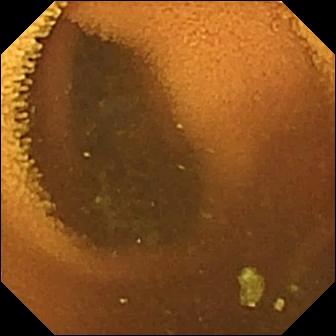Video capsule endoscopy snapshot (small bowel). Normal clean mucosa.